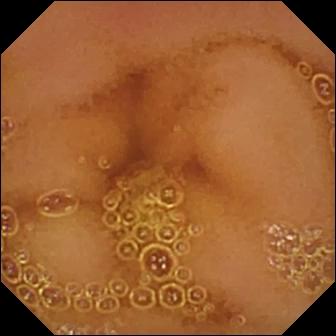Wireless capsule endoscopy view
Finding: normal clean mucosa